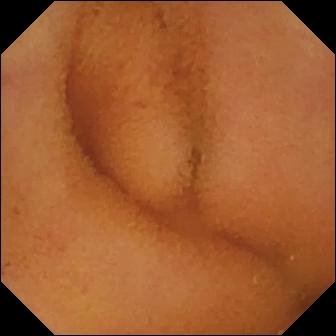This capsule endoscopy still of the small intestine shows normal clean mucosa.